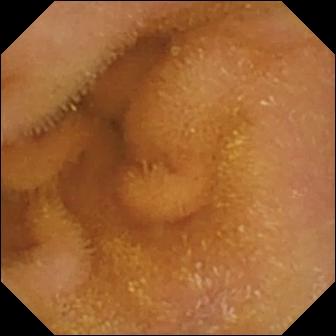Q: What does this VCE image of the small intestine show?
A: Normal clean mucosa.